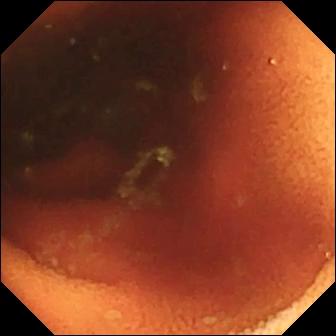{"modality": "VCE", "position": "ileo-cecal valve region"}